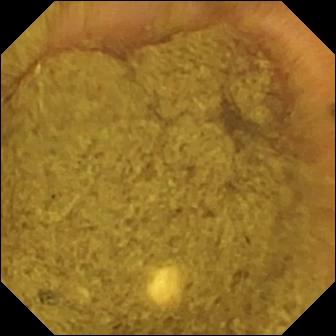WCE frame
Label: ileo-cecal valve region